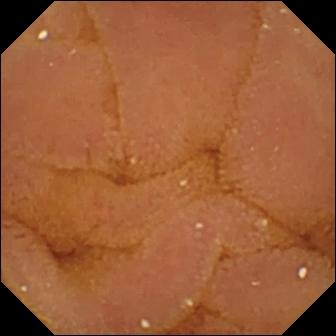{"modality": "VCE", "finding": "normal clean mucosa"}